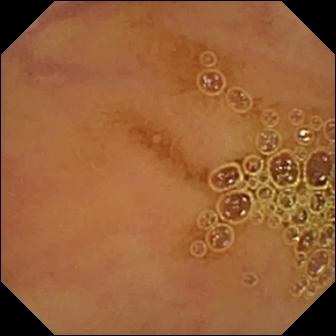VCE snapshot, small bowel
Impression: normal clean mucosa